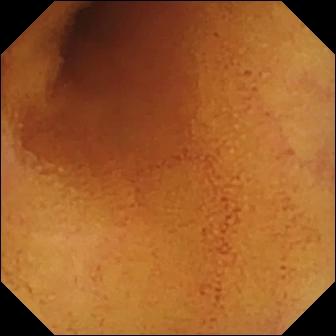Normal clean mucosa.